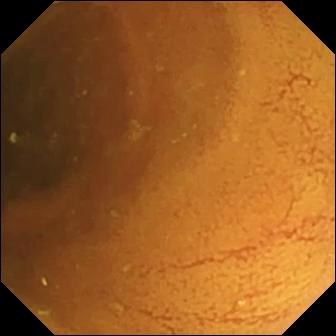This wireless capsule endoscopy frame of the small intestine shows normal clean mucosa.